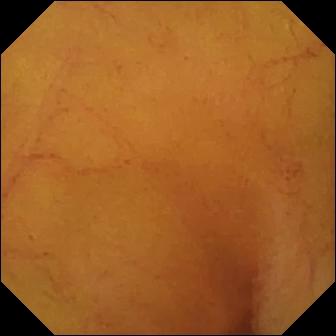This VCE snapshot of the small bowel shows normal clean mucosa.